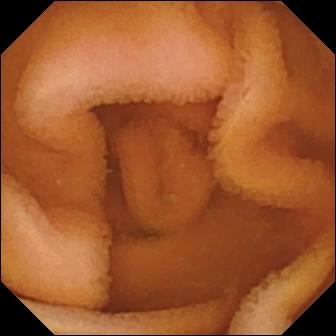This capsule endoscopy still shows normal clean mucosa.